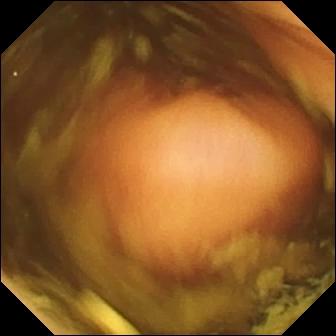- modality: capsule endoscopy
- category: luminal finding
- finding: polyp